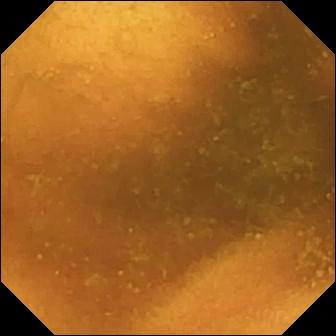Normal clean mucosa.